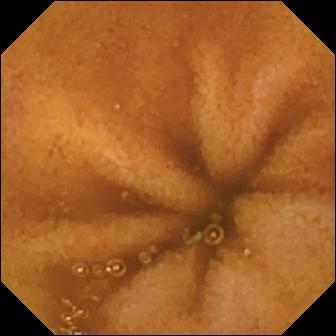Wireless capsule endoscopy. Luminal finding. Label: normal clean mucosa.